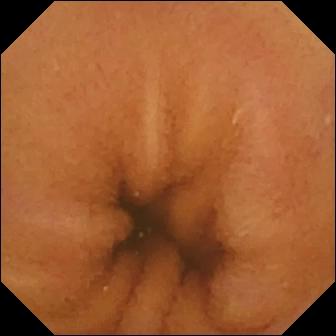WCE snapshot of the small intestine showing normal clean mucosa.